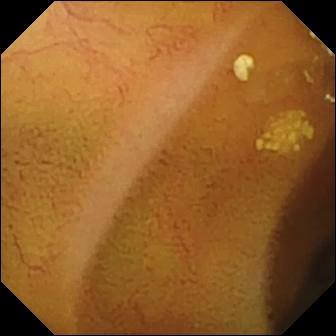Video capsule endoscopy frame
Impression: lymphangiectasia